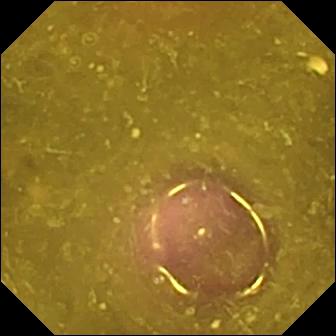Reduced mucosal view (content or bubbles obscuring the mucosa).